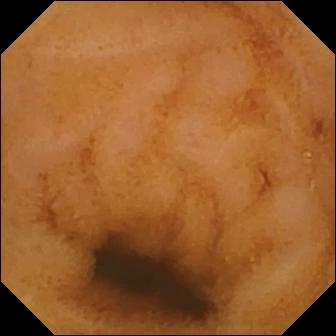Normal clean mucosa — capsule endoscopy still.